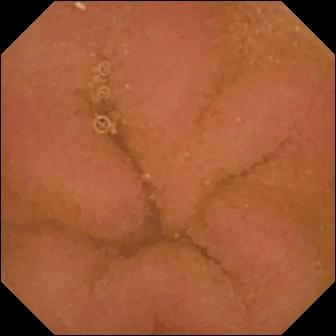modality: wireless capsule endoscopy | segment: small intestine | category: luminal finding | observation: normal clean mucosa